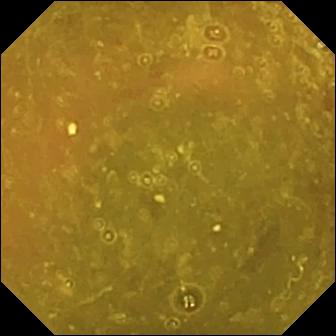Capsule endoscopy. Label: ileo-cecal valve region (the transition from the small bowel to the large bowel).